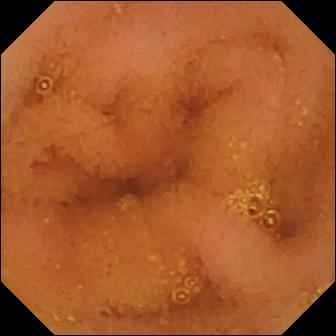{"modality": "WCE", "segment": "small intestine", "category": "luminal finding", "finding": "normal clean mucosa"}